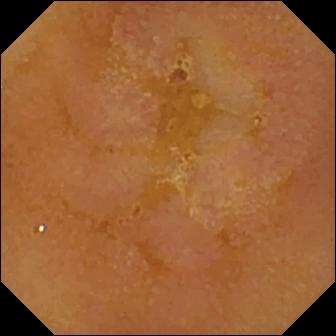This WCE snapshot shows reduced mucosal view (content or bubbles obscuring the mucosa).